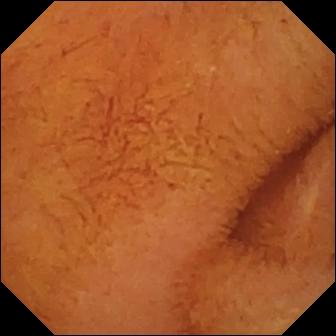- modality: wireless capsule endoscopy
- segment: small bowel
- label: normal clean mucosa